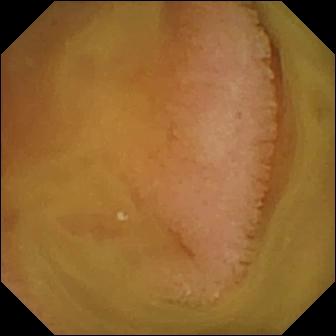WCE. Impression: normal clean mucosa.